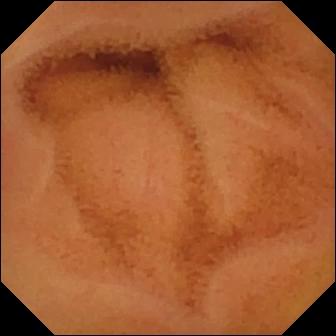VCE — normal clean mucosa.